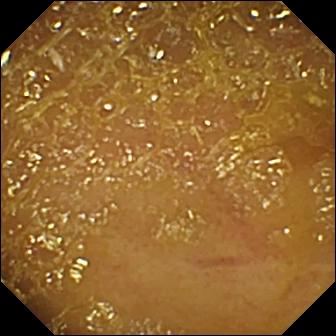Ileo-cecal valve region (where the capsule passes from the small bowel into the large bowel).